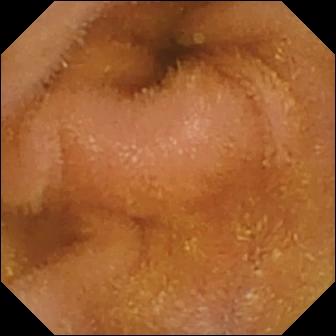{"modality": "WCE", "segment": "small intestine", "finding": "normal clean mucosa"}